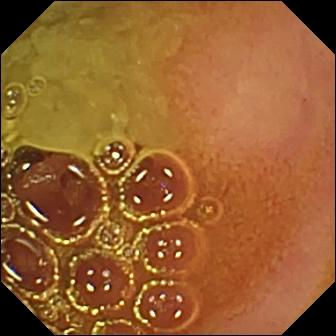Normal clean mucosa — wireless capsule endoscopy frame.